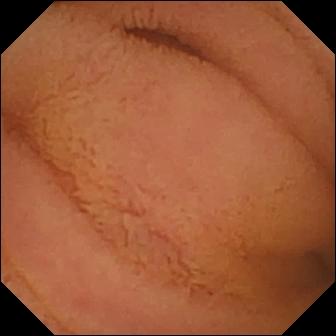This capsule endoscopy view of the small intestine shows normal clean mucosa.